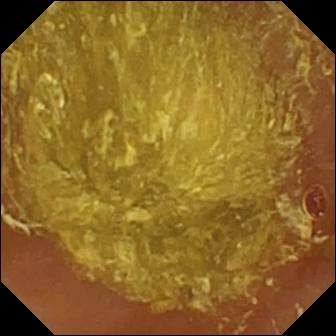Small-bowel capsule endoscopy still
Label: reduced mucosal view (content or bubbles obscuring the mucosa)